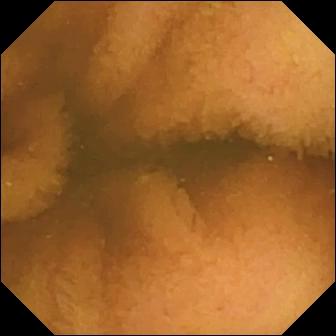This wireless capsule endoscopy view of the small bowel shows normal clean mucosa.